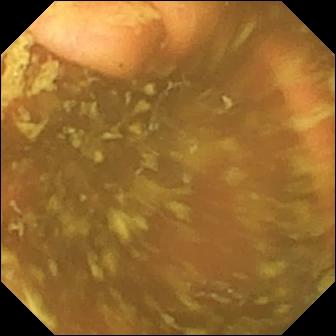Ileo-cecal valve region.